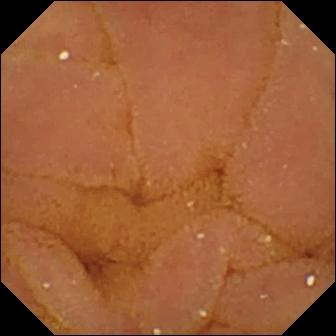Wireless capsule endoscopy still of the small bowel showing normal clean mucosa.